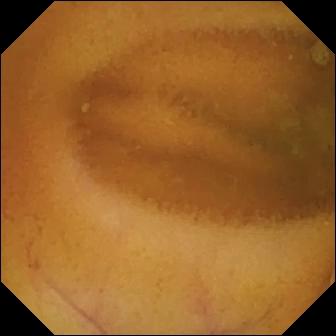This video capsule endoscopy image of the small intestine shows normal clean mucosa.